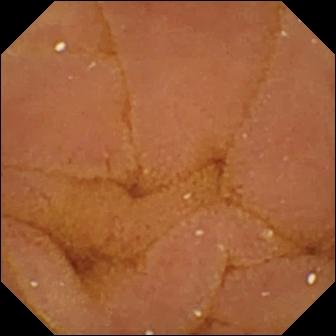modality: wireless capsule endoscopy | segment: small intestine | observation: normal clean mucosa